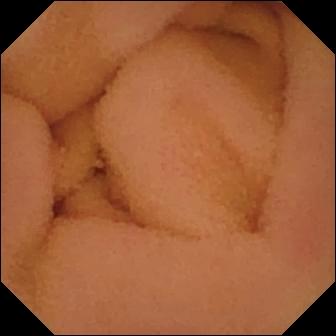Q: What does this video capsule endoscopy frame of the small intestine show?
A: Normal clean mucosa.